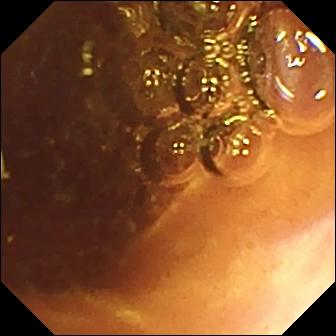Small-bowel capsule endoscopy snapshot (small bowel). Normal clean mucosa.